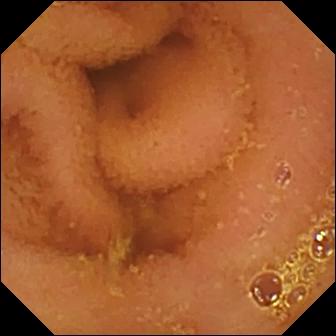- modality: WCE
- segment: small intestine
- label: normal clean mucosa